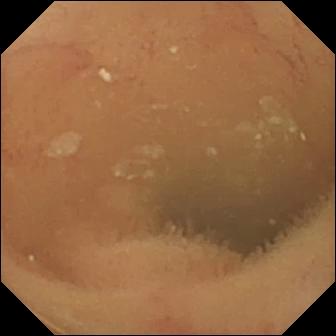VCE image of the small bowel showing normal clean mucosa.